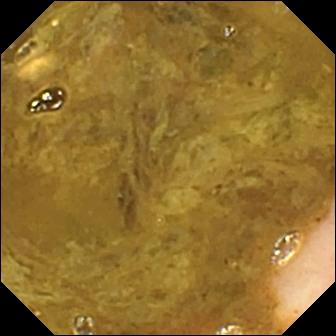{"modality": "wireless capsule endoscopy", "category": "anatomical landmark", "label": "ileo-cecal valve region"}